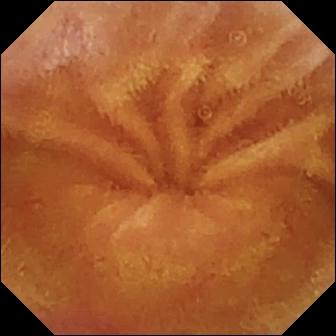Q: What does this wireless capsule endoscopy frame of the small bowel show?
A: Normal clean mucosa.